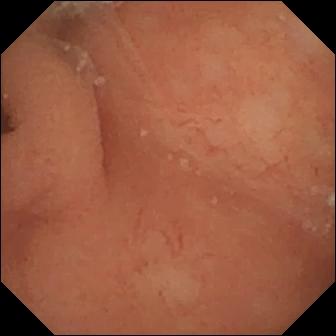{"modality": "video capsule endoscopy", "finding": "normal clean mucosa"}